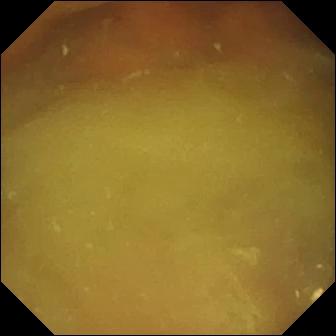WCE view of the small bowel showing normal clean mucosa.